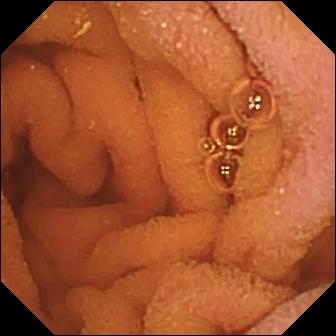Wireless capsule endoscopy snapshot of the small intestine showing normal clean mucosa.